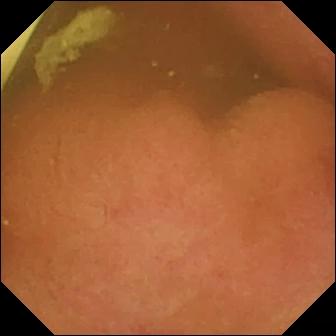Foreign body (e.g. retained capsule, tablet residue).